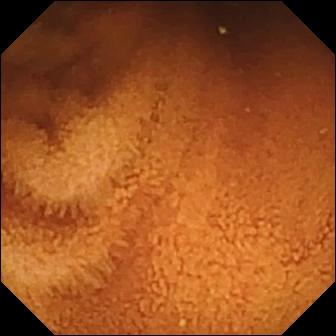modality: capsule endoscopy
impression: normal clean mucosa